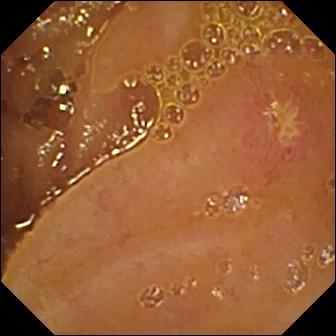modality: wireless capsule endoscopy
category: luminal finding
label: ulcer